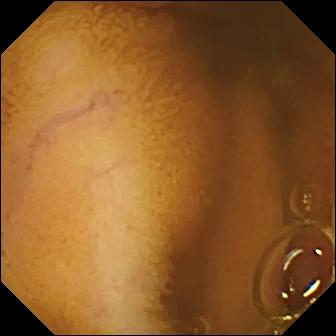{"modality": "capsule endoscopy", "category": "luminal finding", "finding": "normal clean mucosa"}